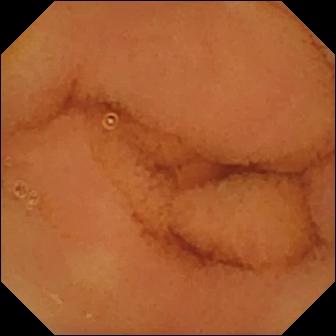PROCEDURE: Small-bowel capsule endoscopy.
SEGMENT: Small bowel.
FINDINGS: Normal clean mucosa.